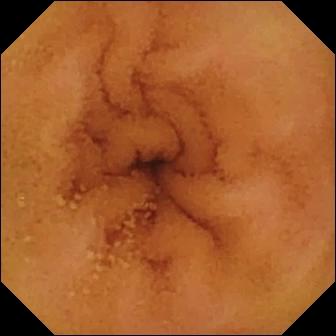Wireless capsule endoscopy — normal clean mucosa.